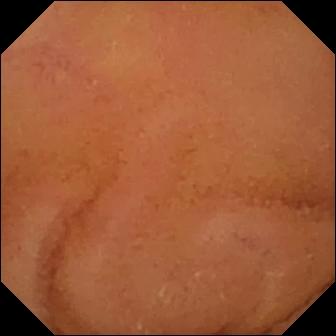Wireless capsule endoscopy view showing normal clean mucosa.